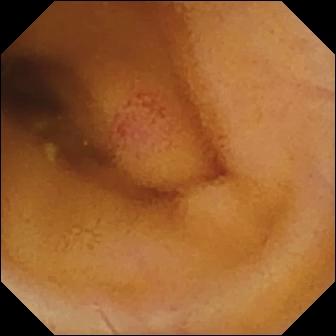Angiectasia.